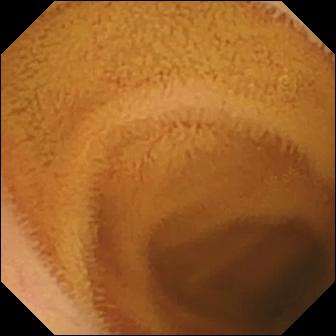Wireless capsule endoscopy frame showing normal clean mucosa.